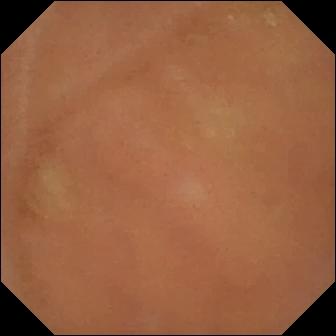PROCEDURE: Video capsule endoscopy.
SEGMENT: Small intestine.
FINDINGS: Normal clean mucosa.